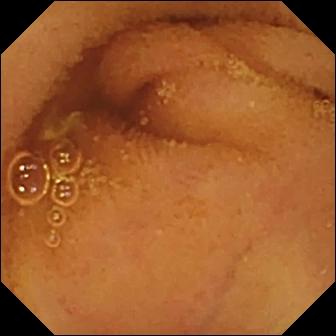WCE — normal clean mucosa.